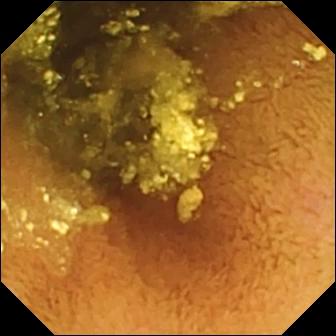Capsule endoscopy snapshot
Label: normal clean mucosa